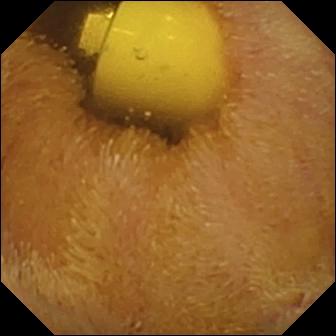Capsule endoscopy. Luminal finding. Impression: foreign body (e.g. retained capsule, tablet residue).